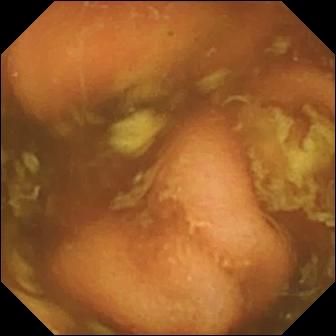VCE frame
Video segment: ileo-cecal valve region (where the capsule passes from the small bowel into the large bowel)